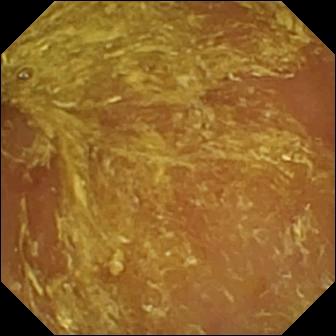Q: What does this small-bowel capsule endoscopy view of the small bowel show?
A: Reduced mucosal view (content or bubbles obscuring the mucosa).